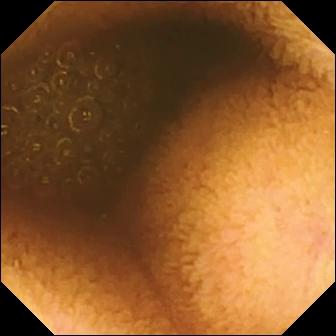WCE — reduced mucosal view (content or bubbles obscuring the mucosa).